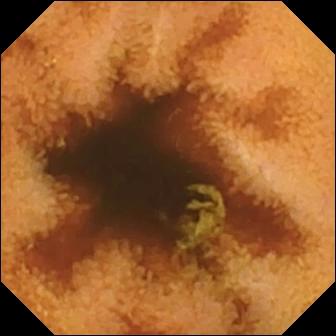Normal clean mucosa.